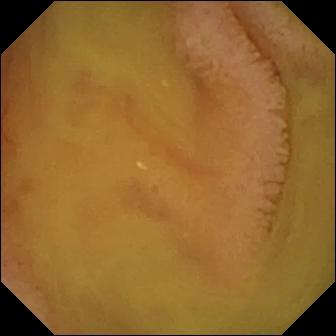VCE — normal clean mucosa.